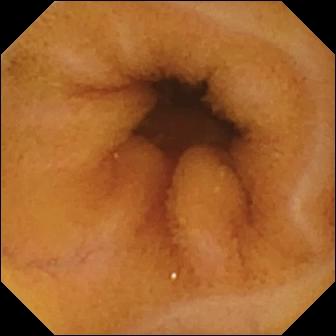modality: video capsule endoscopy
label: normal clean mucosa